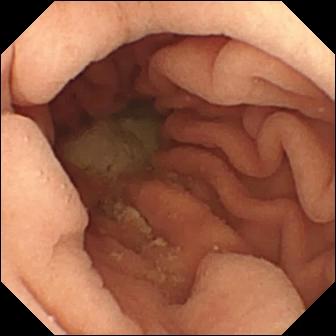This small-bowel capsule endoscopy frame was taken in the pylorus region (where the capsule passes from the stomach into the small bowel).